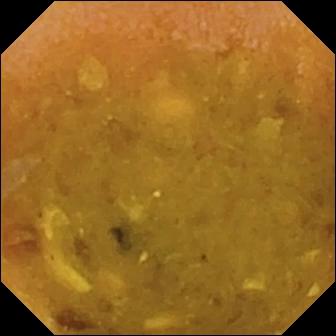This wireless capsule endoscopy frame of the small intestine shows reduced mucosal view (content or bubbles obscuring the mucosa).